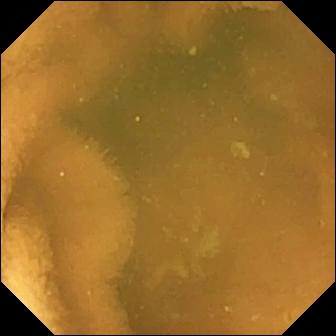PROCEDURE: WCE.
SEGMENT: Small intestine.
FINDINGS: Normal clean mucosa.